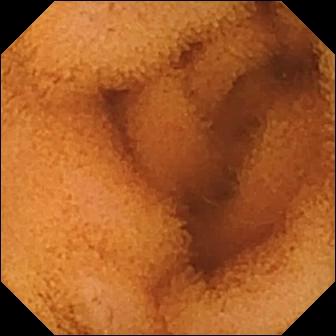{"modality": "small-bowel capsule endoscopy", "category": "luminal finding", "finding": "normal clean mucosa"}